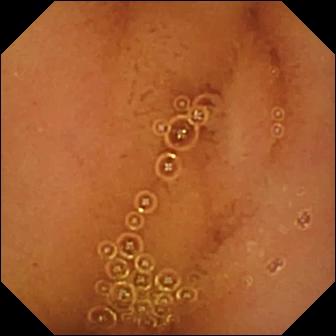Small-bowel capsule endoscopy frame of the small bowel showing normal clean mucosa.